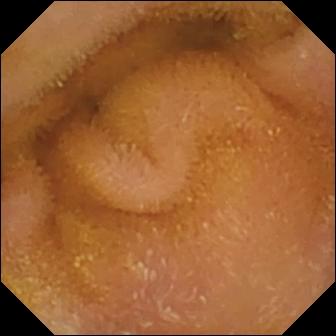Small-bowel capsule endoscopy frame
Label: normal clean mucosa